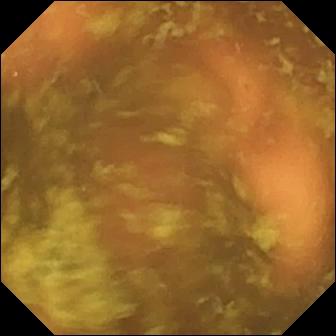Q: Where in the digestive tract was this video capsule endoscopy view taken?
A: Ileo-cecal valve region (where the capsule passes from the small bowel into the large bowel).